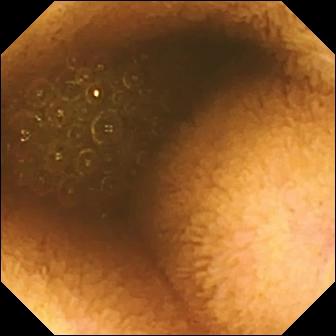VCE image. Reduced mucosal view (content or bubbles obscuring the mucosa).